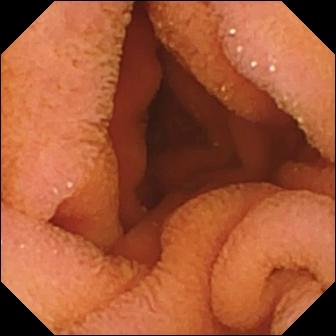Capsule endoscopy frame of the small intestine showing normal clean mucosa.